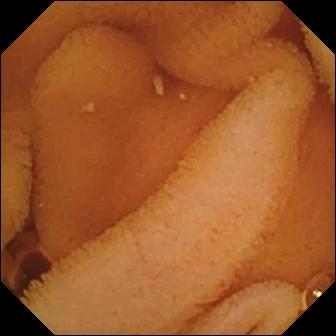Normal clean mucosa — wireless capsule endoscopy still of the small intestine.